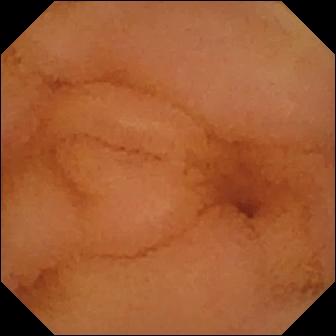Q: What does this WCE view show?
A: Normal clean mucosa.